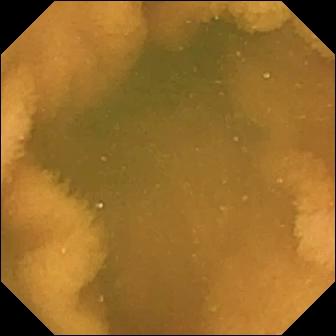Q: What does this wireless capsule endoscopy frame show?
A: Normal clean mucosa.